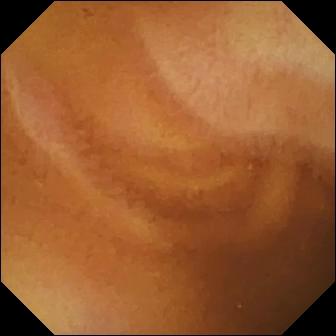Video capsule endoscopy — normal clean mucosa.